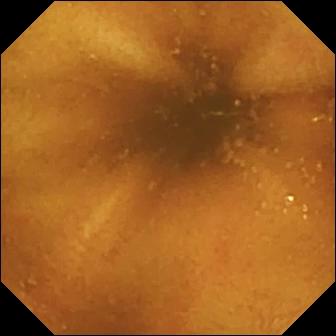- modality: wireless capsule endoscopy
- label: normal clean mucosa